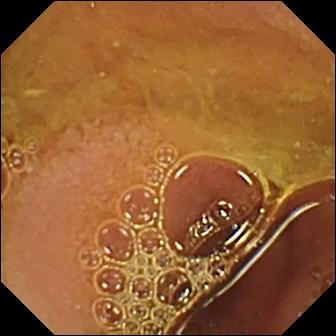{"modality": "WCE", "segment": "small intestine", "finding": "normal clean mucosa"}